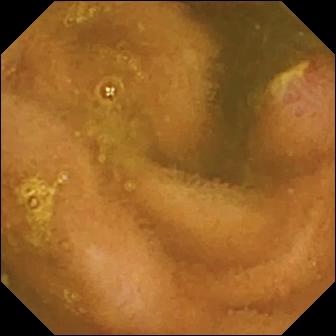Wireless capsule endoscopy — ulcer.